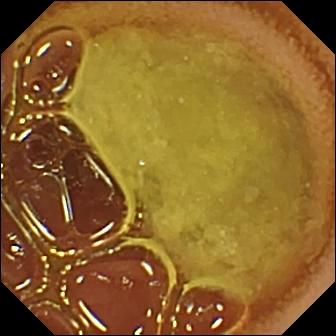Small-bowel capsule endoscopy — normal clean mucosa.